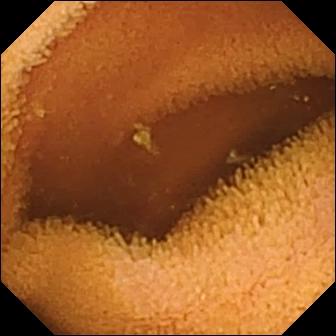Wireless capsule endoscopy. Small bowel. Observation: normal clean mucosa.